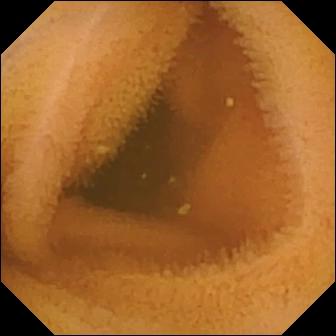Small-bowel capsule endoscopy image (small intestine). Normal clean mucosa.